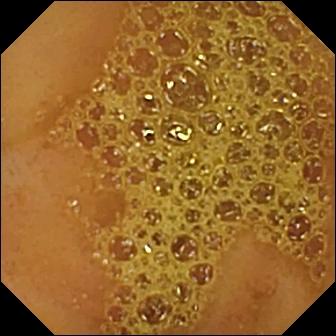WCE — ileo-cecal valve region.